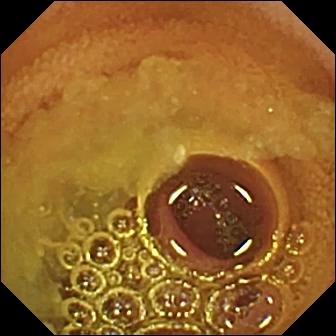- modality: video capsule endoscopy
- segment: small bowel
- category: luminal finding
- finding: normal clean mucosa